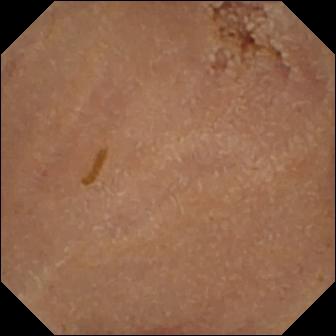Normal clean mucosa — video capsule endoscopy view of the small intestine.